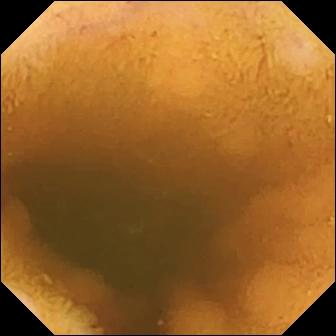- modality: wireless capsule endoscopy
- segment: small intestine
- label: normal clean mucosa